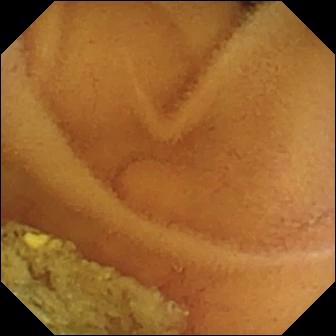WCE frame, small intestine
Finding: normal clean mucosa